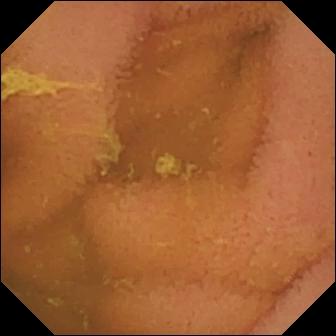Q: What does this capsule endoscopy still of the small bowel show?
A: Normal clean mucosa.